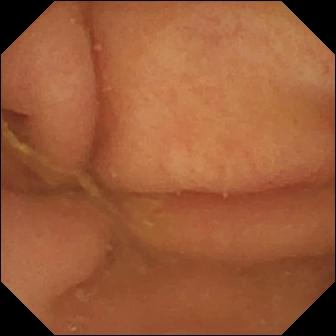This WCE still was taken in the pylorus region.